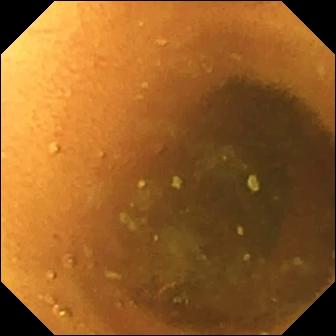VCE. Finding: normal clean mucosa.